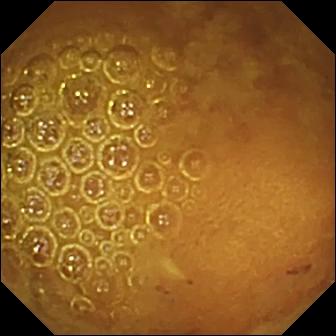Small-bowel capsule endoscopy still showing reduced mucosal view (content or bubbles obscuring the mucosa).